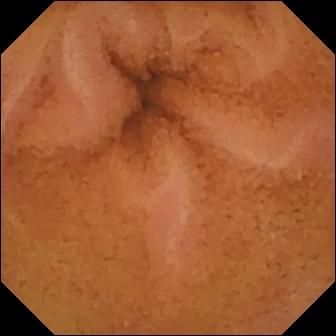Small-bowel capsule endoscopy snapshot (small intestine). Normal clean mucosa.